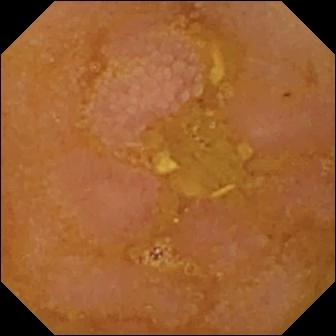PROCEDURE: Wireless capsule endoscopy.
SEGMENT: Small bowel.
FINDINGS: Reduced mucosal view (content or bubbles obscuring the mucosa).